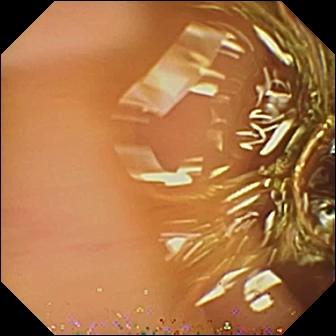PROCEDURE: WCE.
SEGMENT: Small intestine.
FINDINGS: Normal clean mucosa.